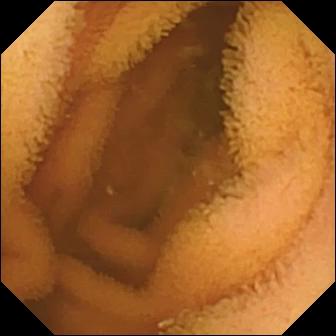WCE snapshot showing normal clean mucosa.